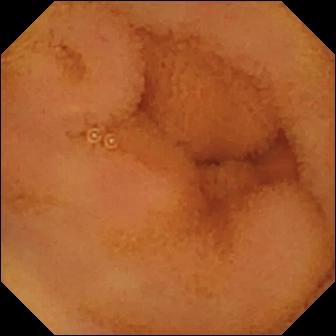Q: What does this capsule endoscopy view show?
A: Normal clean mucosa.